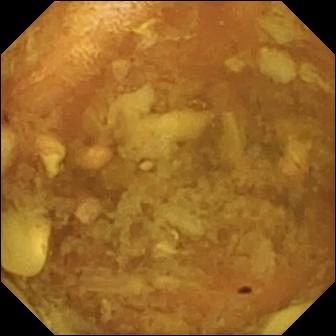VCE frame of the small intestine showing reduced mucosal view (content or bubbles obscuring the mucosa).